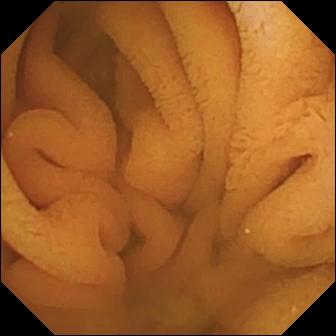VCE snapshot of the small intestine showing normal clean mucosa.